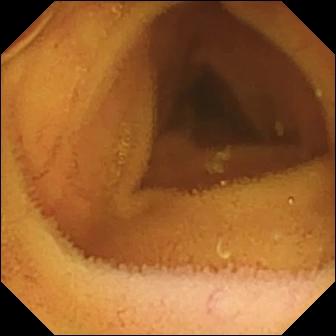Video capsule endoscopy. Small intestine. Impression: normal clean mucosa.